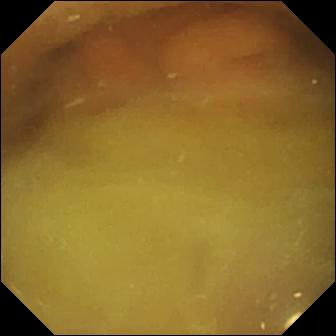PROCEDURE: Wireless capsule endoscopy.
FINDINGS: Normal clean mucosa.